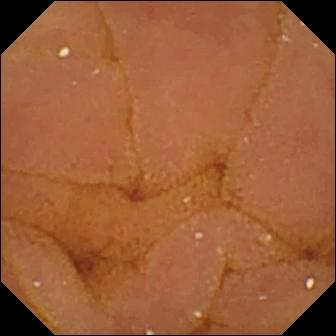Normal clean mucosa.